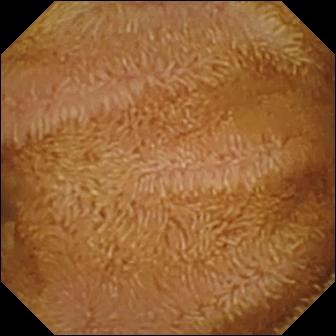Q: What does this capsule endoscopy image of the small bowel show?
A: Normal clean mucosa.